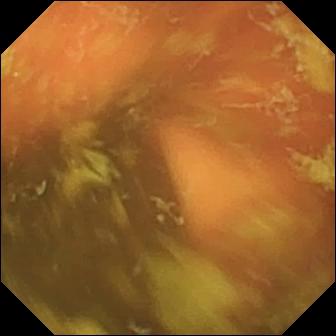PROCEDURE: WCE.
LABEL: Ileo-cecal valve region (where the capsule passes from the small bowel into the large bowel).